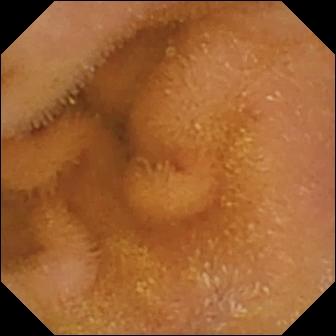Normal clean mucosa — small-bowel capsule endoscopy frame.